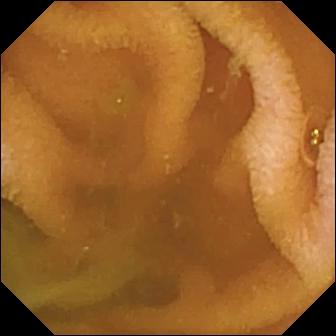- modality: WCE
- segment: small bowel
- finding: normal clean mucosa